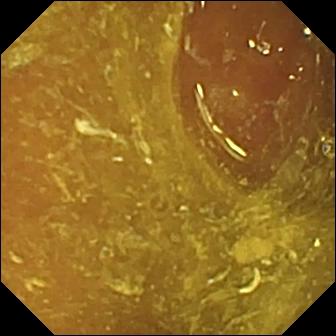Ileo-cecal valve region — VCE still.